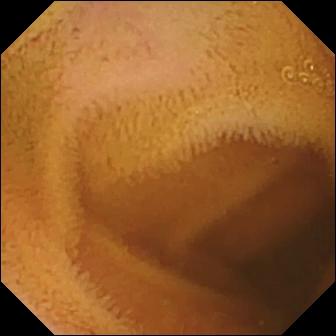PROCEDURE: Small-bowel capsule endoscopy.
FINDINGS: Normal clean mucosa.